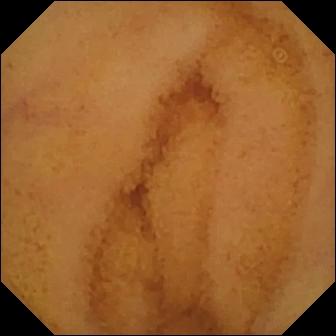- modality: video capsule endoscopy
- impression: normal clean mucosa